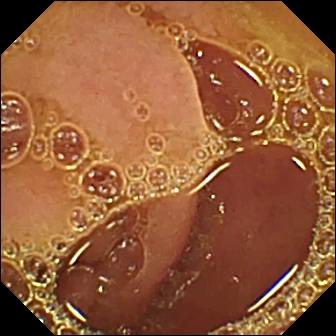This WCE frame shows normal clean mucosa.